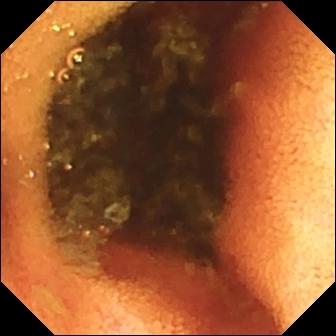Ileo-cecal valve region (the transition from the small bowel to the large bowel) — wireless capsule endoscopy frame.